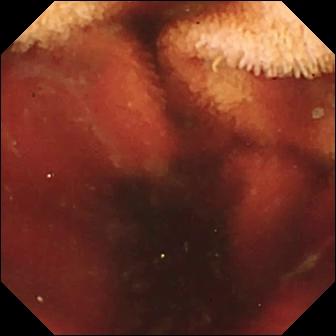modality: VCE | impression: fresh blood in the lumen